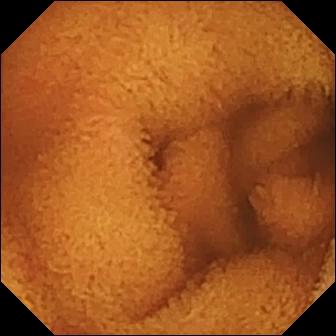This video capsule endoscopy image of the small bowel shows normal clean mucosa.